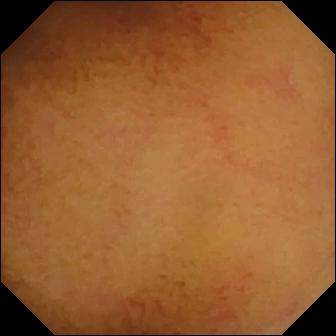PROCEDURE: WCE.
FINDINGS: Normal clean mucosa.